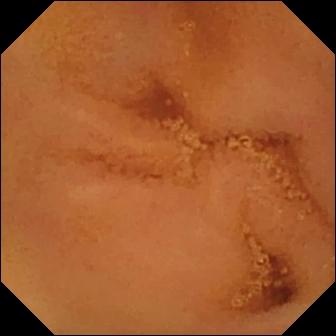Q: What does this VCE frame show?
A: Normal clean mucosa.